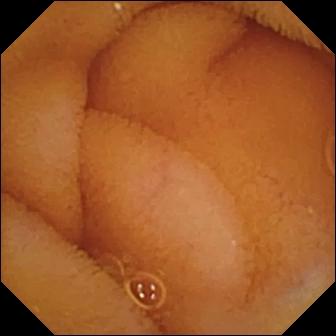WCE snapshot showing normal clean mucosa.